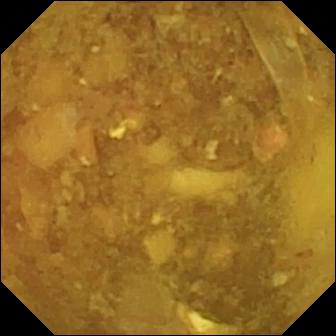Capsule endoscopy frame. Reduced mucosal view (content or bubbles obscuring the mucosa).